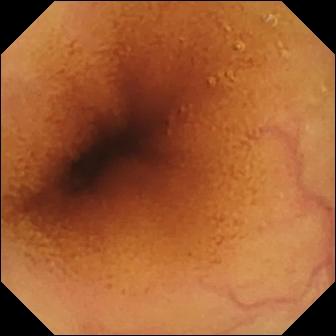modality: WCE | segment: small intestine | observation: normal clean mucosa